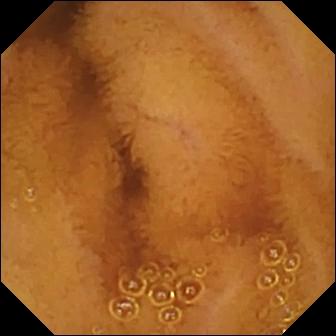Capsule endoscopy — normal clean mucosa.